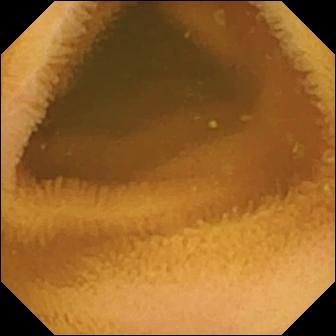modality: wireless capsule endoscopy | finding: normal clean mucosa